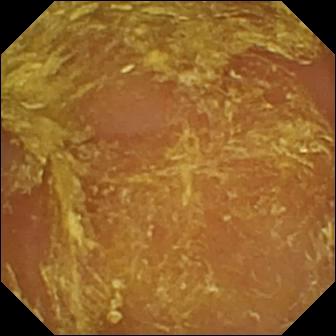WCE image (small bowel), 336×336. Reduced mucosal view (content or bubbles obscuring the mucosa).